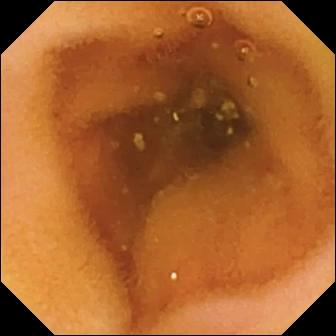Normal clean mucosa.